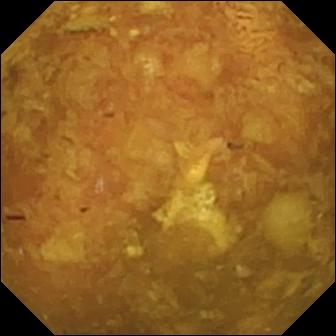PROCEDURE: WCE.
FINDINGS: Reduced mucosal view (content or bubbles obscuring the mucosa).